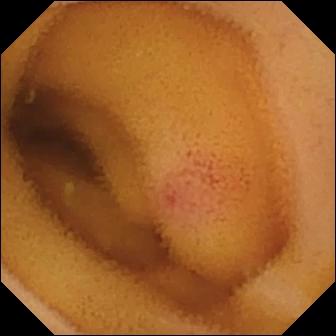modality: capsule endoscopy | finding: angiectasia